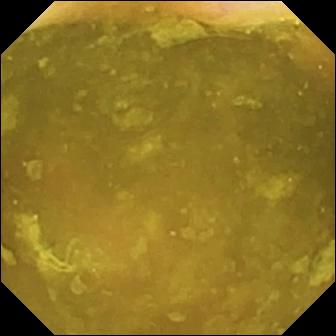WCE image, 336×336. Taken in the ileo-cecal valve region (where the capsule passes from the small bowel into the large bowel).